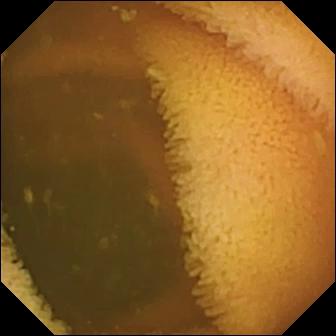Wireless capsule endoscopy — normal clean mucosa.